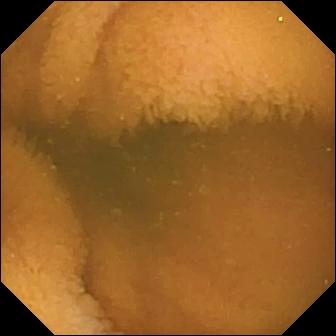Normal clean mucosa — wireless capsule endoscopy view.